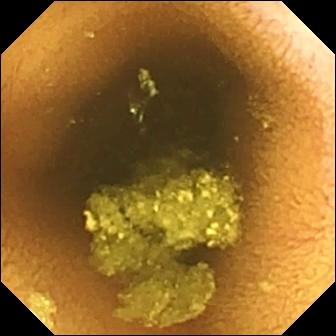PROCEDURE: VCE.
FINDINGS: Normal clean mucosa.